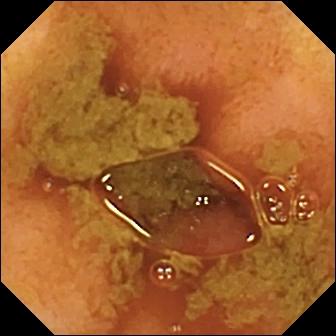VCE snapshot
Video segment: ileo-cecal valve region (the transition from the small bowel to the large bowel)